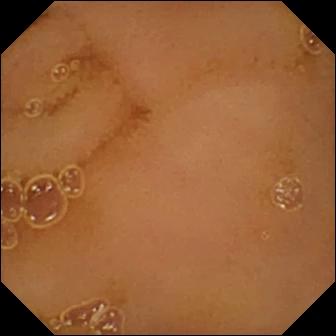This WCE snapshot shows normal clean mucosa.